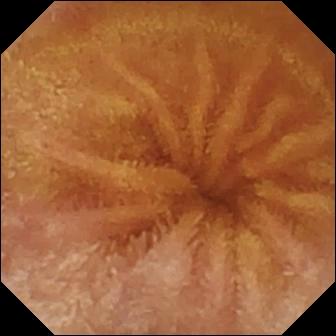Normal clean mucosa.